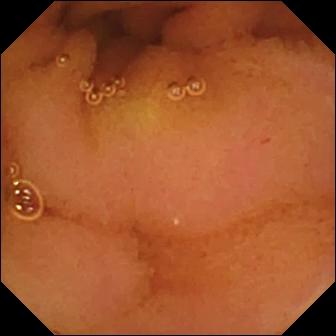Normal clean mucosa (336×336).